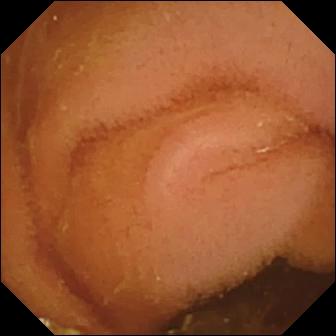VCE view, small intestine
Label: normal clean mucosa